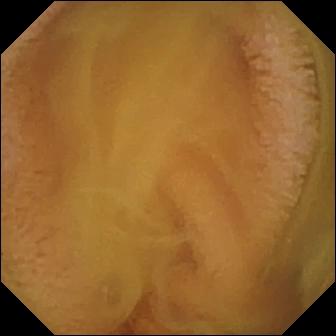VCE view showing normal clean mucosa.